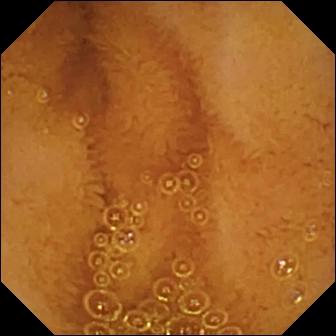Normal clean mucosa — small-bowel capsule endoscopy still.